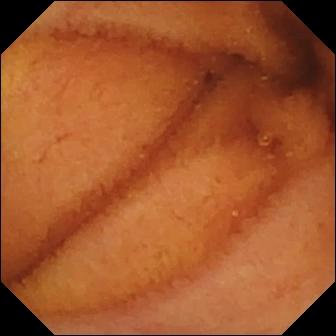Wireless capsule endoscopy image. Normal clean mucosa.